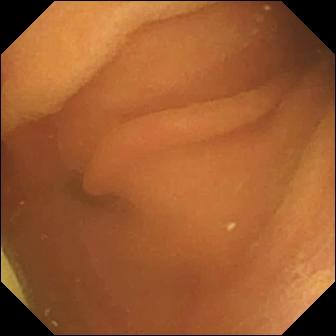Foreign body (e.g. retained capsule, tablet residue) — small-bowel capsule endoscopy image.